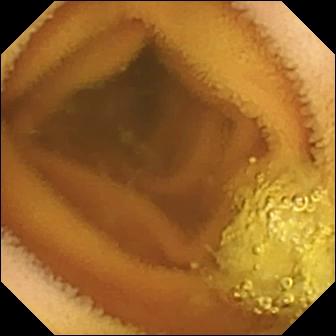PROCEDURE: Small-bowel capsule endoscopy.
SEGMENT: Small intestine.
FINDINGS: Normal clean mucosa.